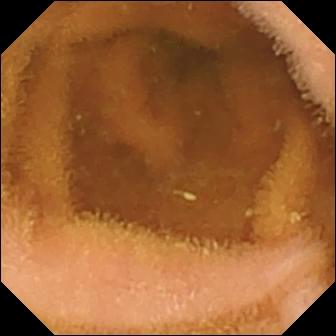PROCEDURE: VCE.
FINDINGS: Normal clean mucosa.